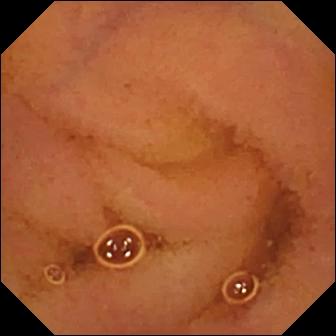Q: What does this small-bowel capsule endoscopy still of the small bowel show?
A: Normal clean mucosa.